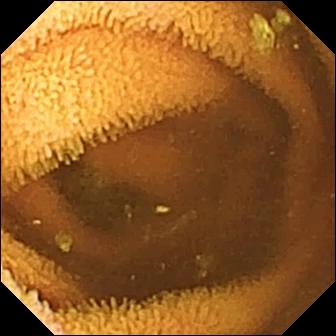Normal clean mucosa — wireless capsule endoscopy frame of the small bowel.